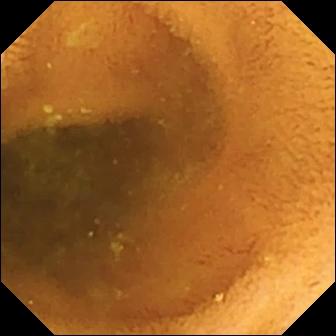- modality: capsule endoscopy
- segment: small intestine
- finding: normal clean mucosa